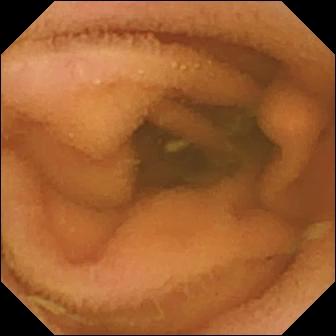Q: What does this capsule endoscopy still of the small bowel show?
A: Normal clean mucosa.